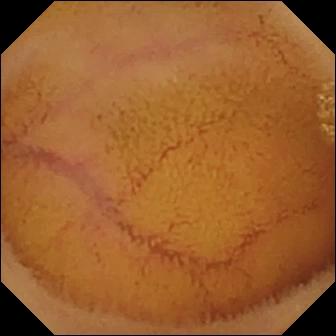Q: What does this VCE still of the small bowel show?
A: Normal clean mucosa.